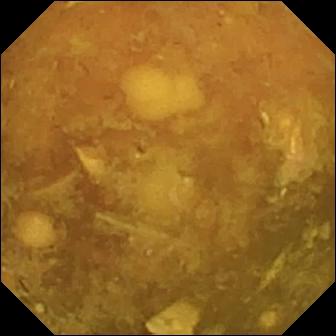{"modality": "VCE", "finding": "reduced mucosal view (content or bubbles obscuring the mucosa)"}